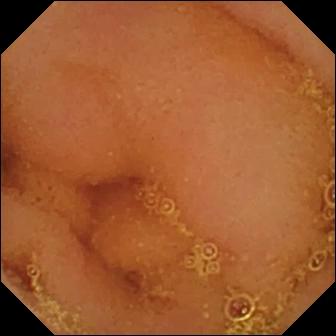VCE — normal clean mucosa.